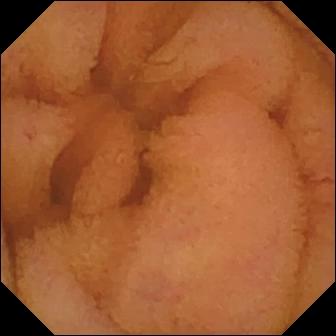- modality: VCE
- segment: small bowel
- category: luminal finding
- impression: normal clean mucosa